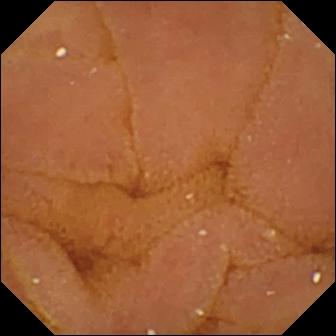- modality: video capsule endoscopy
- impression: normal clean mucosa